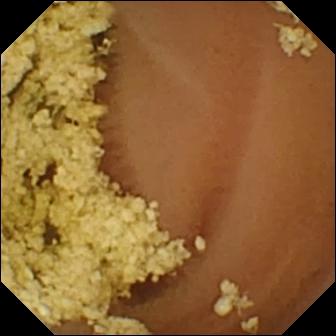Q: What does this WCE still show?
A: Normal clean mucosa.